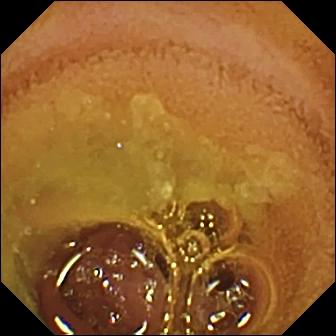This VCE still shows normal clean mucosa.